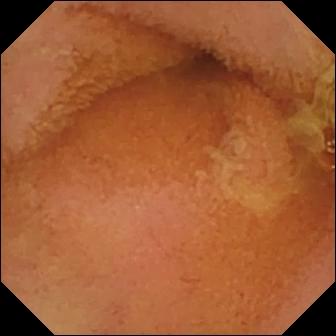Wireless capsule endoscopy still (small bowel). Normal clean mucosa.